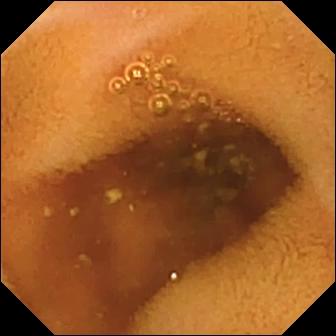Normal clean mucosa — video capsule endoscopy view.